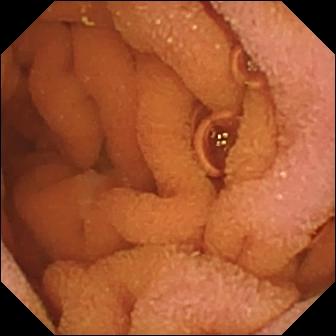This small-bowel capsule endoscopy snapshot of the small bowel shows normal clean mucosa.